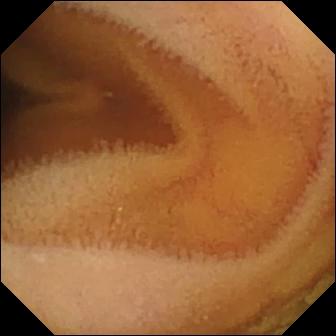Wireless capsule endoscopy. Small bowel. Luminal finding. Impression: normal clean mucosa.